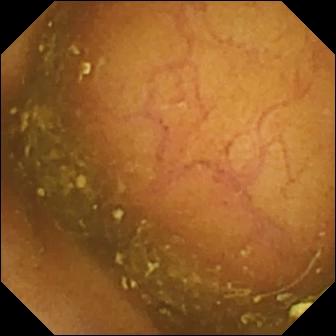- modality: WCE
- video segment: ileo-cecal valve region (the transition from the small bowel to the large bowel)